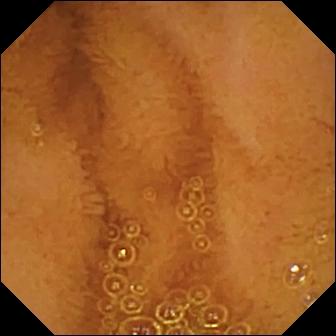Normal clean mucosa — capsule endoscopy image.